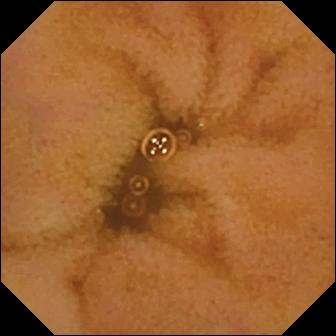modality: capsule endoscopy | finding: normal clean mucosa